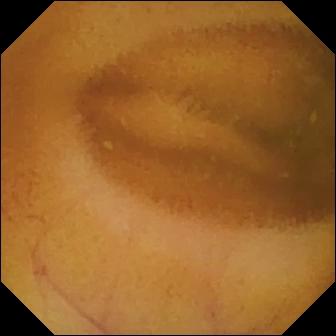Normal clean mucosa (336×336).